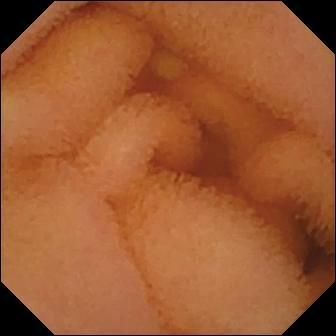VCE view, small intestine
Impression: normal clean mucosa